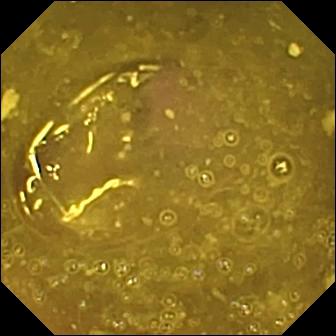PROCEDURE: VCE.
SEGMENT: Small intestine.
FINDINGS: Reduced mucosal view (content or bubbles obscuring the mucosa).